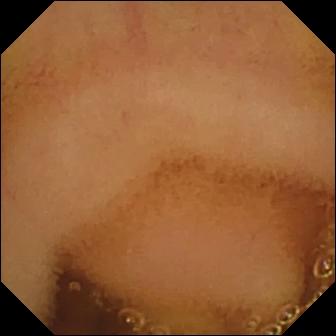- modality: small-bowel capsule endoscopy
- segment: small bowel
- label: normal clean mucosa